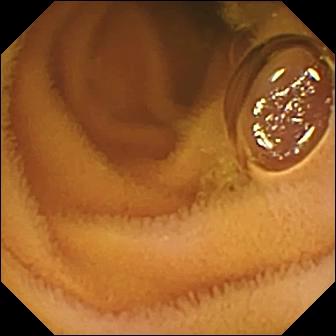Small-bowel capsule endoscopy frame (small intestine). Normal clean mucosa.